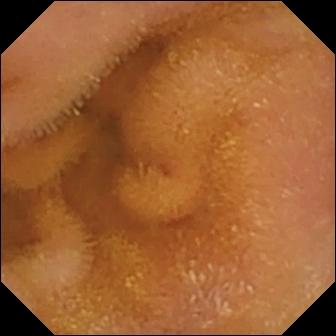Q: What does this video capsule endoscopy frame of the small bowel show?
A: Normal clean mucosa.